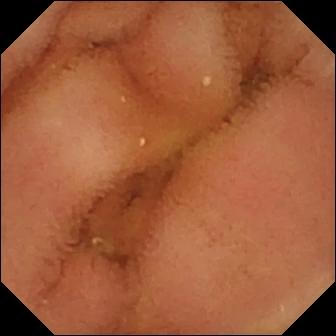Normal clean mucosa.